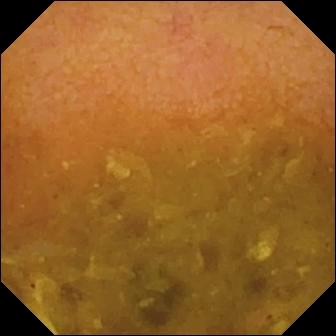This wireless capsule endoscopy still of the small intestine shows reduced mucosal view (content or bubbles obscuring the mucosa).